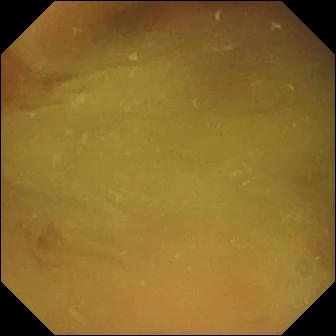WCE view, small bowel
Finding: normal clean mucosa